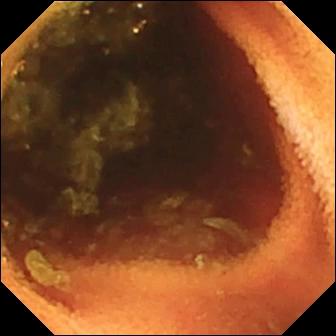Video capsule endoscopy image taken in the ileo-cecal valve region (the transition from the small bowel to the large bowel).